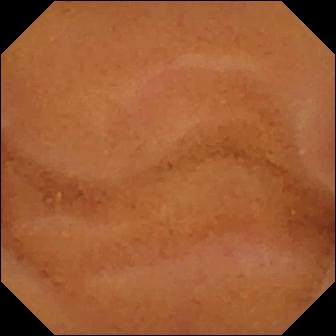This WCE frame shows normal clean mucosa.